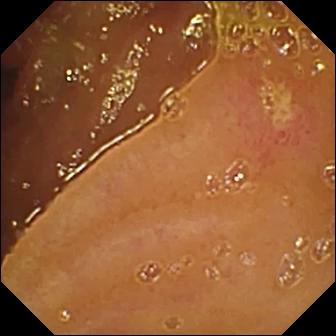WCE image, 336×336. Ulcer.